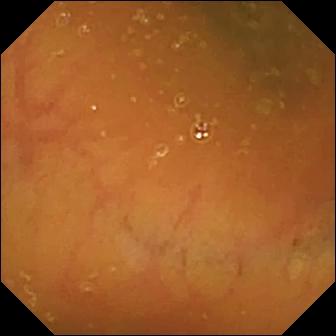VCE — ileo-cecal valve region.